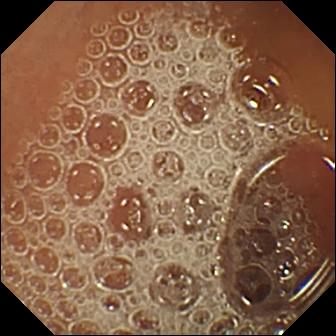- modality: VCE
- label: normal clean mucosa